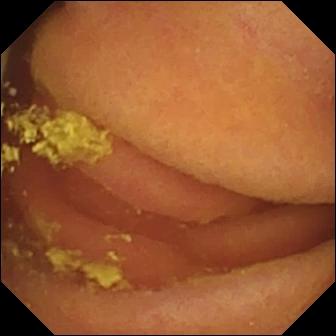modality: VCE | label: foreign body (e.g. retained capsule, tablet residue)